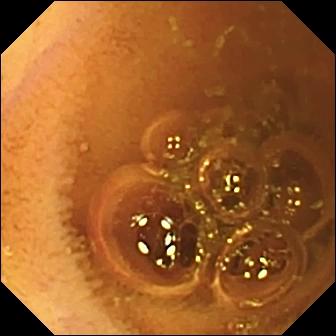Normal clean mucosa.